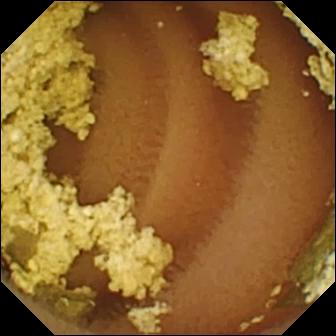Video capsule endoscopy frame of the small bowel showing normal clean mucosa.